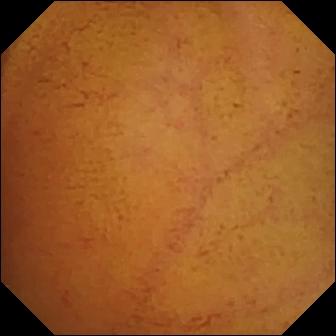Q: What does this capsule endoscopy still show?
A: Normal clean mucosa.